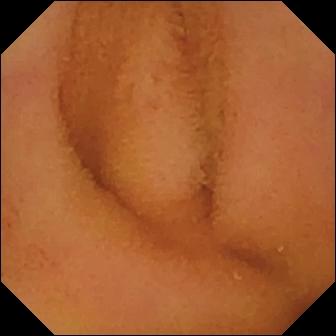modality: wireless capsule endoscopy
observation: normal clean mucosa